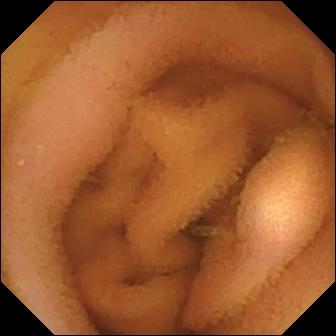Q: What does this WCE snapshot of the small intestine show?
A: Normal clean mucosa.